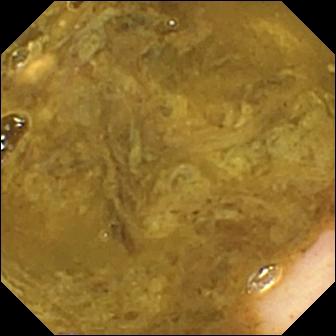PROCEDURE: VCE.
LABEL: Ileo-cecal valve region (the transition from the small bowel to the large bowel).